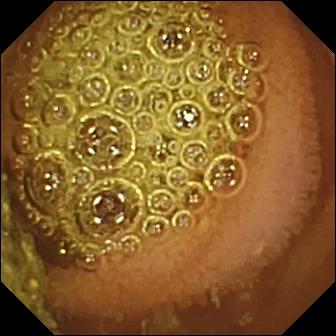Normal clean mucosa.